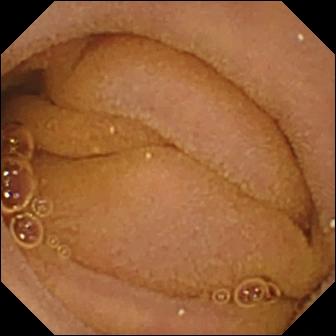Normal clean mucosa.